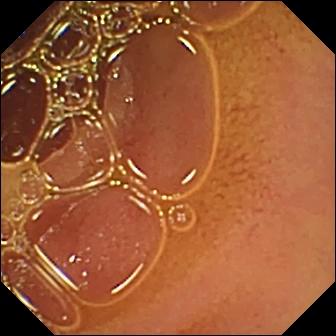Wireless capsule endoscopy. Small bowel. Impression: normal clean mucosa.